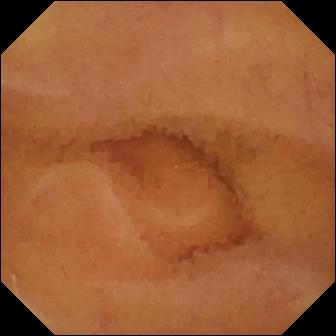Normal clean mucosa — capsule endoscopy still of the small intestine.